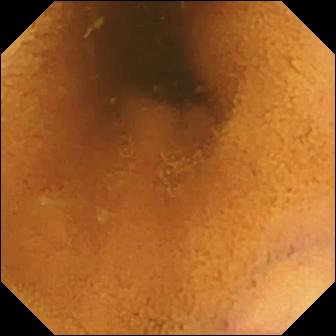Normal clean mucosa.